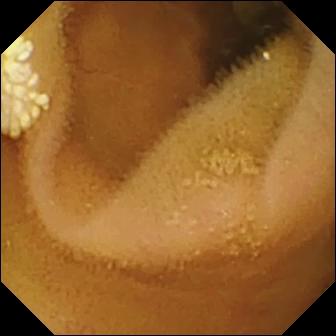Wireless capsule endoscopy — lymphangiectasia.